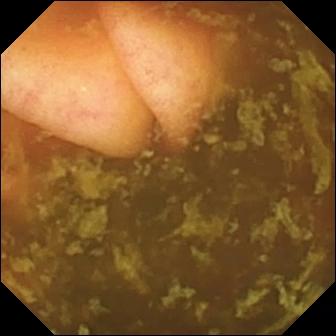Video capsule endoscopy snapshot
Video segment: ileo-cecal valve region (where the capsule passes from the small bowel into the large bowel)